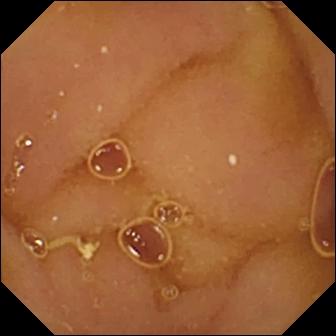VCE still of the small bowel showing normal clean mucosa.